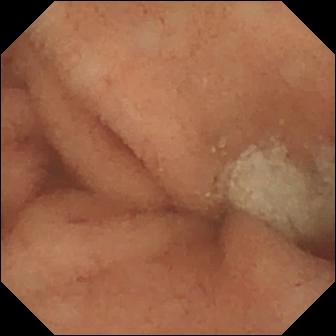PROCEDURE: Video capsule endoscopy.
SEGMENT: Small bowel.
FINDINGS: Normal clean mucosa.